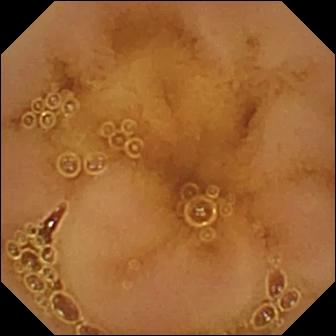PROCEDURE: Wireless capsule endoscopy.
SEGMENT: Small bowel.
FINDINGS: Normal clean mucosa.